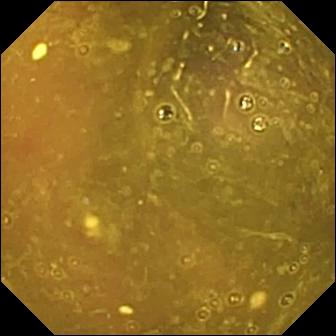modality: video capsule endoscopy | category: luminal finding | impression: reduced mucosal view (content or bubbles obscuring the mucosa)